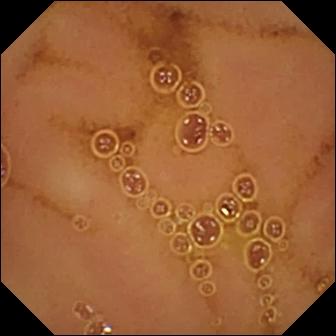Capsule endoscopy image of the small bowel showing normal clean mucosa.